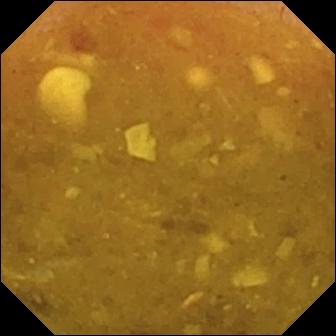Q: What does this small-bowel capsule endoscopy frame show?
A: Reduced mucosal view (content or bubbles obscuring the mucosa).